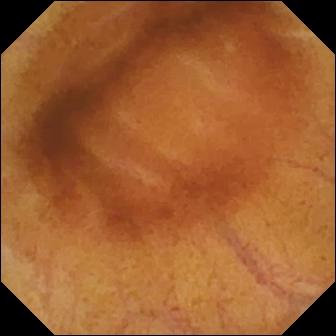- modality: wireless capsule endoscopy
- impression: normal clean mucosa